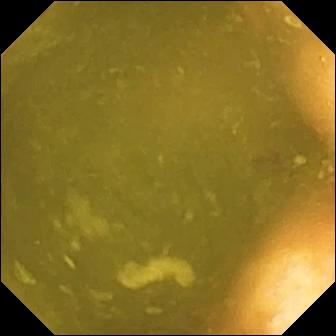This wireless capsule endoscopy snapshot was taken in the ileo-cecal valve region (where the capsule passes from the small bowel into the large bowel).